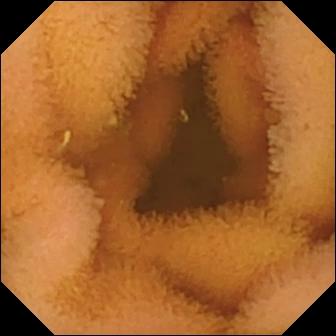Video capsule endoscopy. Observation: normal clean mucosa.